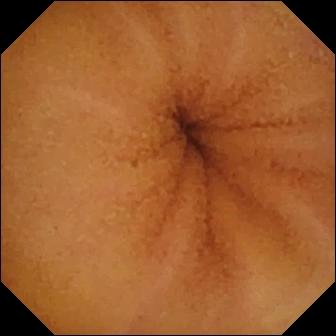Small-bowel capsule endoscopy snapshot (small intestine). Normal clean mucosa.